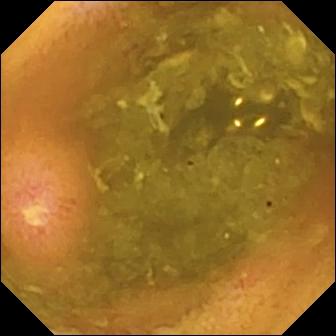Wireless capsule endoscopy — ulcer.